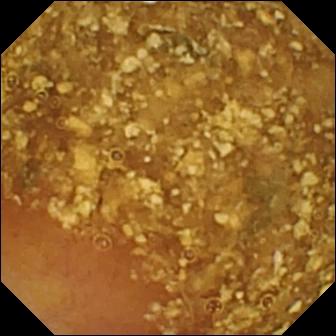{"modality": "WCE", "segment": "small bowel", "category": "luminal finding", "finding": "reduced mucosal view (content or bubbles obscuring the mucosa)"}